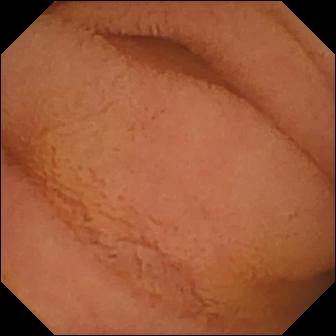Capsule endoscopy frame. Normal clean mucosa.